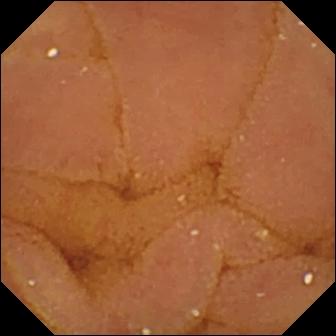Normal clean mucosa.